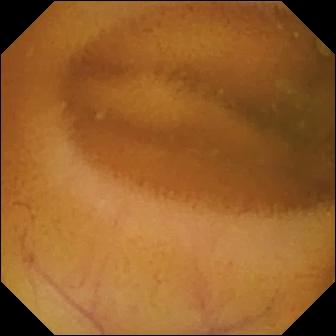This WCE still shows normal clean mucosa.